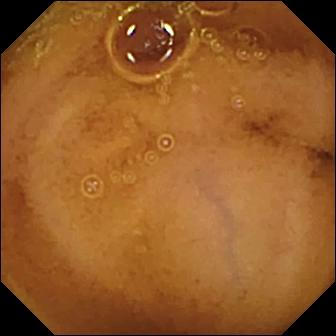{"modality": "VCE", "segment": "small bowel", "category": "luminal finding", "finding": "normal clean mucosa"}